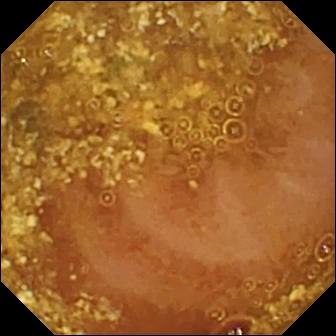Reduced mucosal view (content or bubbles obscuring the mucosa) — small-bowel capsule endoscopy image.